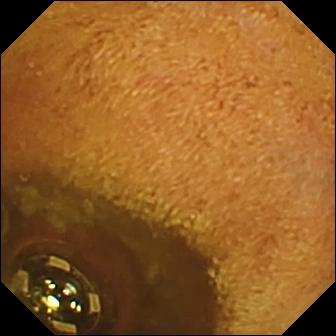This video capsule endoscopy frame shows foreign body (e.g. retained capsule, tablet residue).